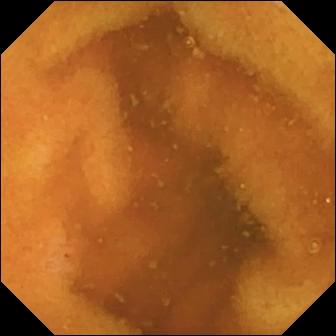modality: video capsule endoscopy; segment: small intestine; category: luminal finding; observation: normal clean mucosa